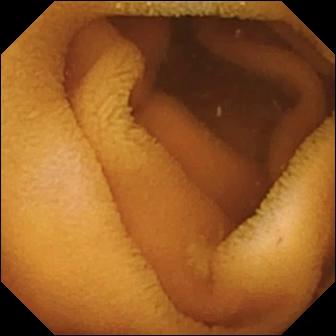{"modality": "VCE", "segment": "small intestine", "finding": "normal clean mucosa"}